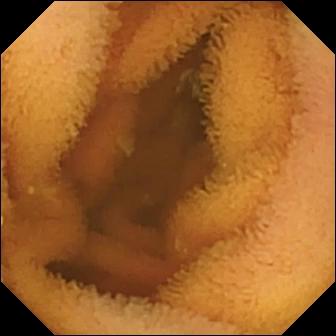{"modality": "VCE", "segment": "small bowel", "finding": "normal clean mucosa"}